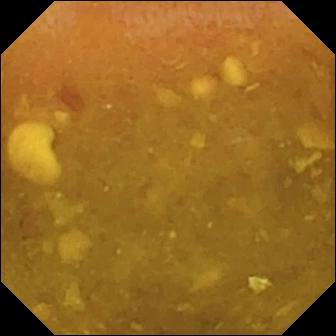Capsule endoscopy snapshot showing reduced mucosal view (content or bubbles obscuring the mucosa).